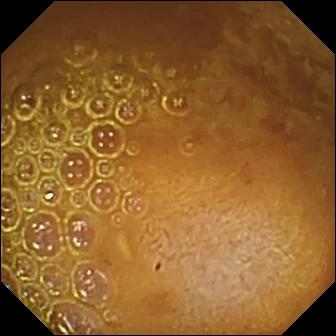Wireless capsule endoscopy. Small intestine. Luminal finding. Impression: reduced mucosal view (content or bubbles obscuring the mucosa).